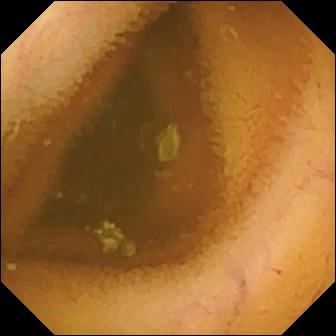Normal clean mucosa (336×336).